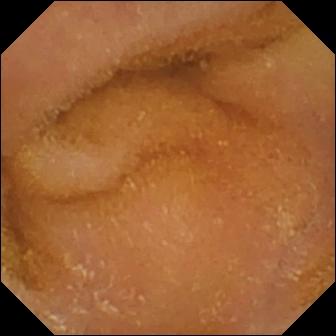WCE frame (small bowel), 336×336. Normal clean mucosa.